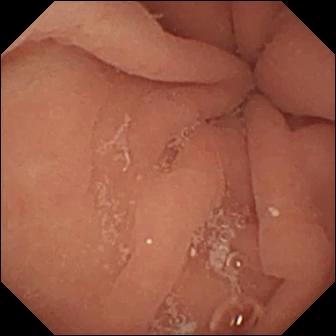Small-bowel capsule endoscopy — pylorus region.